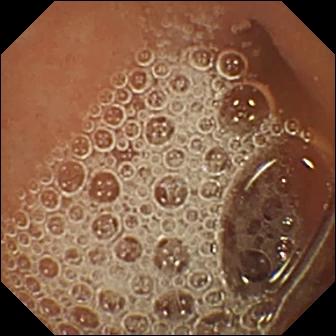This WCE view shows normal clean mucosa.